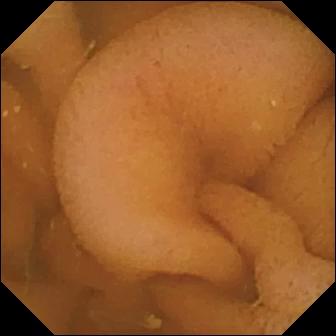WCE — normal clean mucosa.